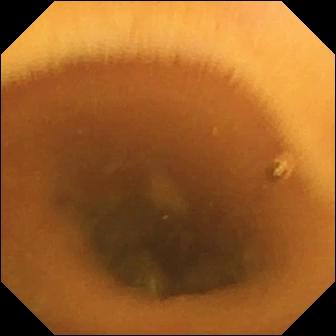VCE. Small bowel. Label: normal clean mucosa.